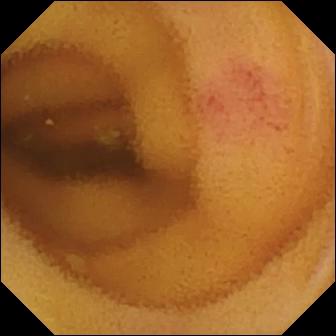Wireless capsule endoscopy — angiectasia.